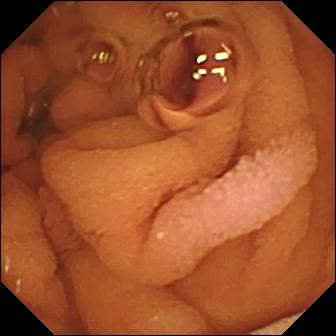{"modality": "wireless capsule endoscopy", "segment": "small bowel", "finding": "normal clean mucosa"}